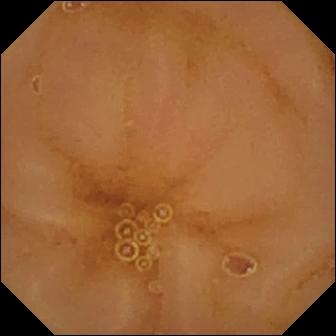PROCEDURE: Capsule endoscopy.
SEGMENT: Small intestine.
FINDINGS: Normal clean mucosa.